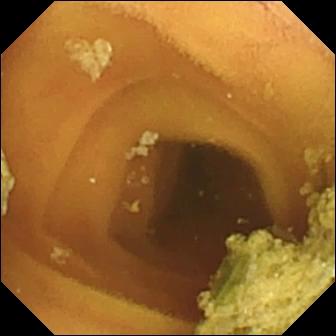Normal clean mucosa.